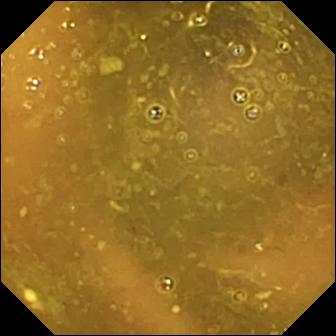Q: What does this capsule endoscopy still show?
A: Reduced mucosal view (content or bubbles obscuring the mucosa).